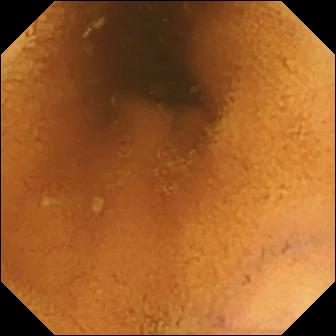{"modality": "small-bowel capsule endoscopy", "segment": "small bowel", "finding": "normal clean mucosa"}